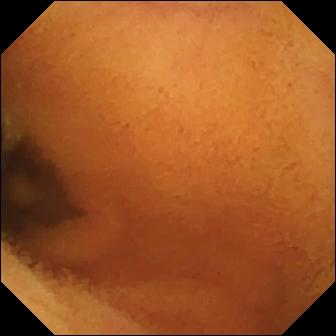- modality: video capsule endoscopy
- category: luminal finding
- observation: normal clean mucosa